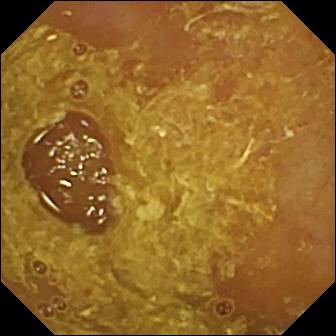Capsule endoscopy. Observation: reduced mucosal view (content or bubbles obscuring the mucosa).